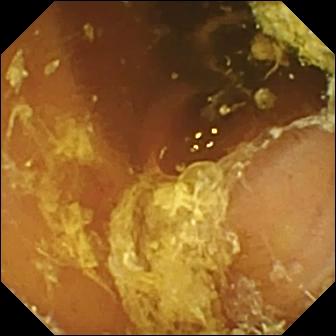- modality: WCE
- segment: small intestine
- category: luminal finding
- impression: normal clean mucosa